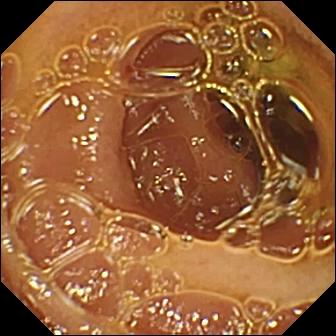Capsule endoscopy view (small bowel), 336×336. Normal clean mucosa.